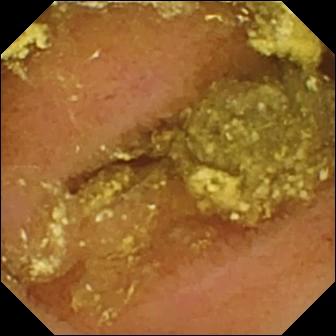VCE image
Observation: normal clean mucosa